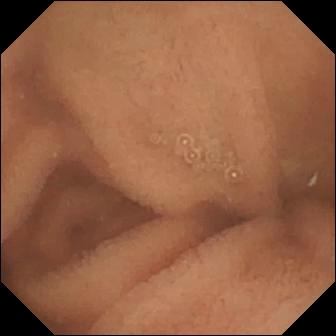- modality: video capsule endoscopy
- label: normal clean mucosa